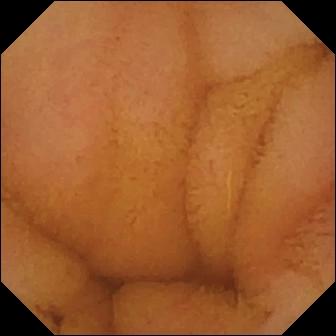modality: capsule endoscopy; segment: small intestine; observation: normal clean mucosa